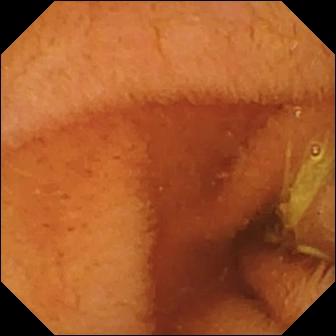This small-bowel capsule endoscopy view shows normal clean mucosa.